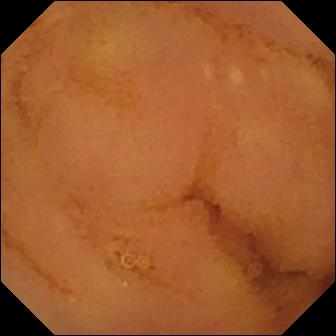Capsule endoscopy — normal clean mucosa.